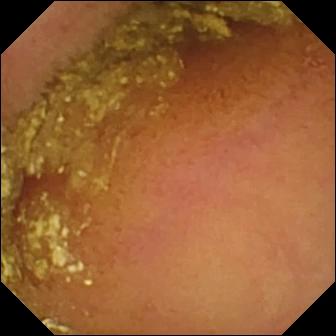Video capsule endoscopy frame, small bowel
Impression: normal clean mucosa